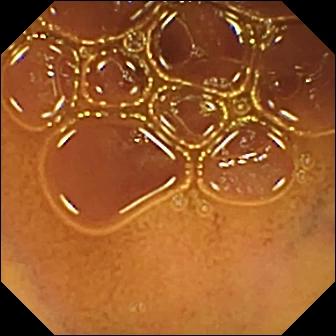{"modality": "WCE", "finding": "normal clean mucosa"}